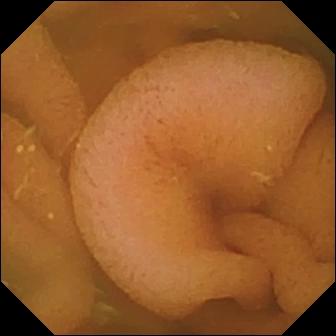modality: VCE; segment: small intestine; finding: normal clean mucosa